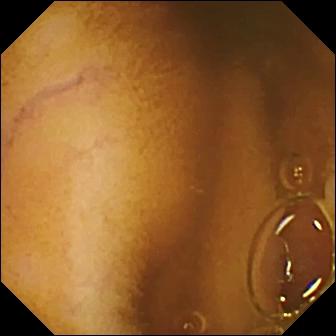Normal clean mucosa.